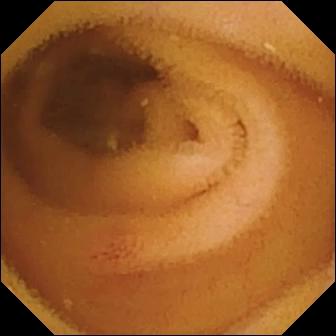This WCE image shows angiectasia.